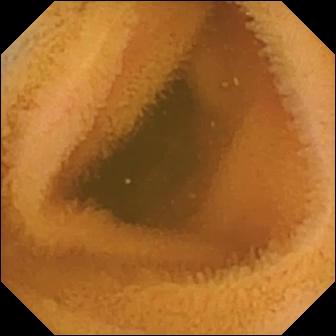Capsule endoscopy frame
Finding: normal clean mucosa